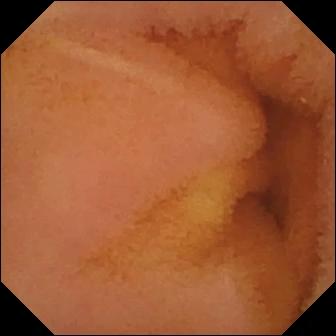Video capsule endoscopy snapshot of the small intestine showing normal clean mucosa.